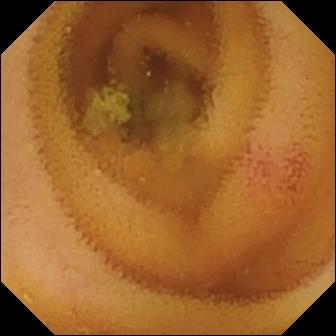Angiectasia — WCE snapshot.